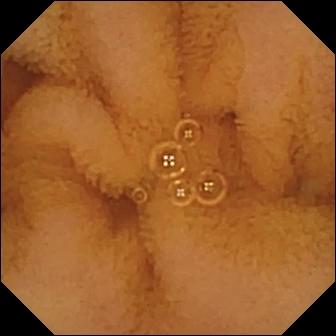PROCEDURE: Video capsule endoscopy.
FINDINGS: Normal clean mucosa.